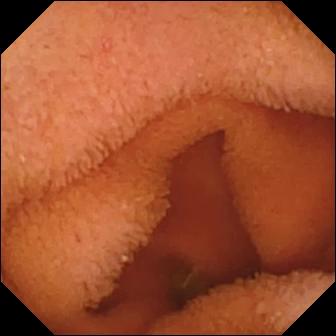VCE frame of the small intestine showing normal clean mucosa.